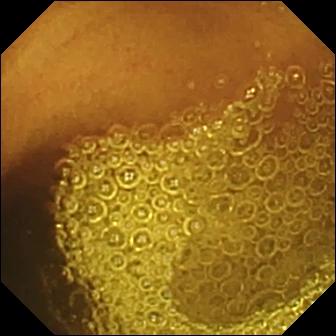WCE — normal clean mucosa.